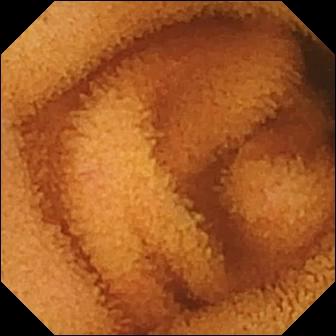Small-bowel capsule endoscopy. Small bowel. Luminal finding. Label: normal clean mucosa.